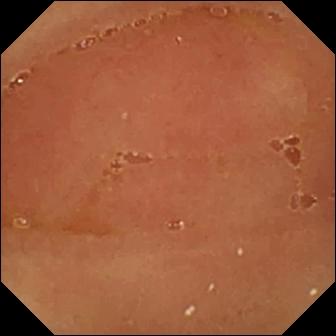Capsule endoscopy frame
Label: normal clean mucosa